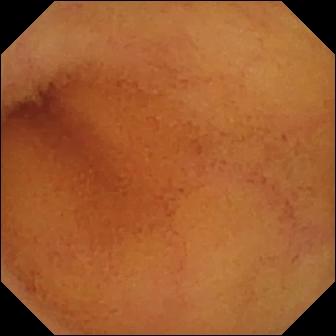Video capsule endoscopy. Small intestine. Impression: normal clean mucosa.